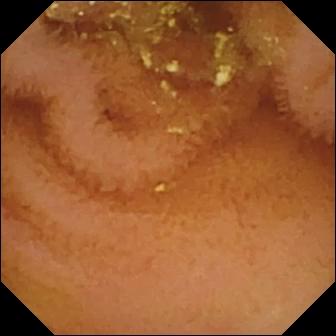Normal clean mucosa.